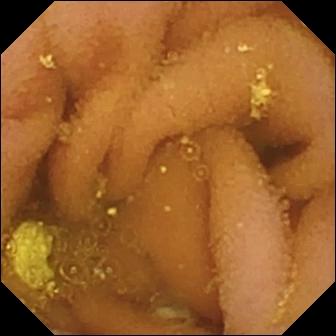Capsule endoscopy image showing lymphangiectasia.